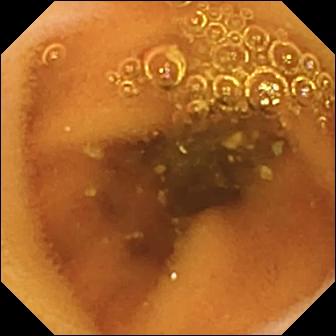- modality: small-bowel capsule endoscopy
- label: normal clean mucosa